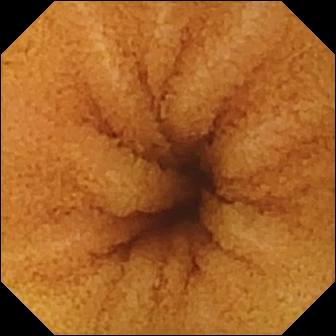Normal clean mucosa.